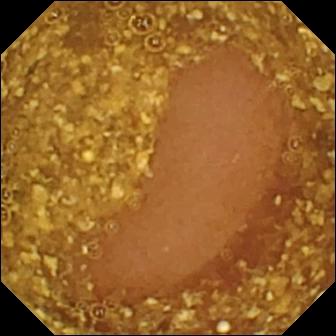Reduced mucosal view (content or bubbles obscuring the mucosa) — capsule endoscopy snapshot of the small bowel.